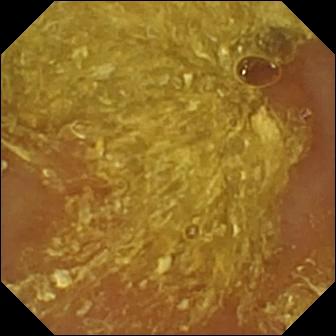Reduced mucosal view (content or bubbles obscuring the mucosa) — capsule endoscopy still.